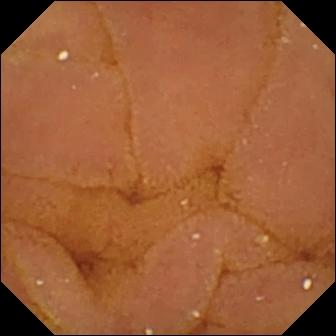modality: wireless capsule endoscopy; segment: small intestine; category: luminal finding; impression: normal clean mucosa